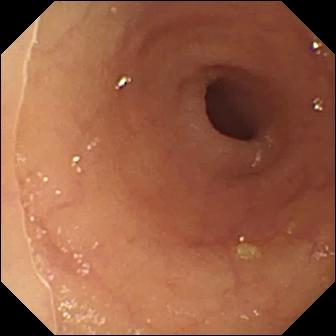modality: capsule endoscopy
category: luminal finding
observation: ulcer